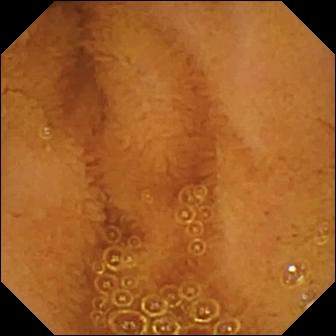Normal clean mucosa — capsule endoscopy frame.